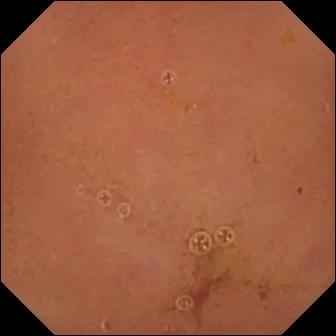- modality: wireless capsule endoscopy
- segment: small bowel
- category: luminal finding
- label: normal clean mucosa